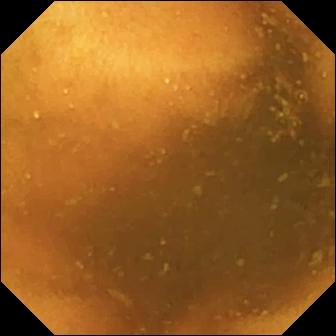{"modality": "WCE", "category": "luminal finding", "finding": "normal clean mucosa"}